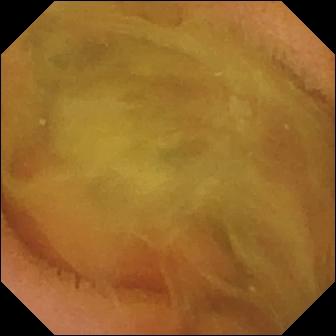Normal clean mucosa (336×336).